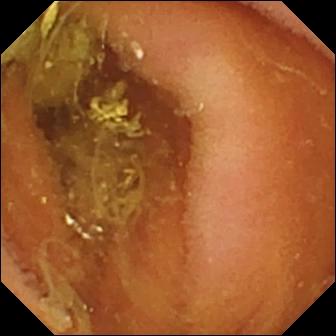PROCEDURE: Small-bowel capsule endoscopy.
FINDINGS: Normal clean mucosa.